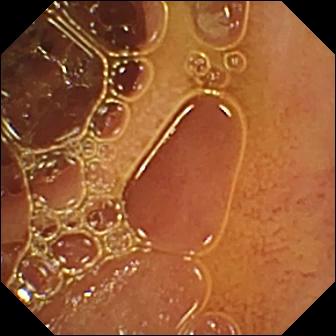WCE — normal clean mucosa.